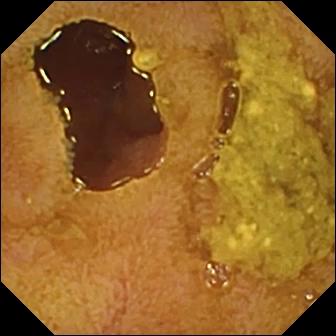{"modality": "wireless capsule endoscopy", "location": "ileo-cecal valve region"}